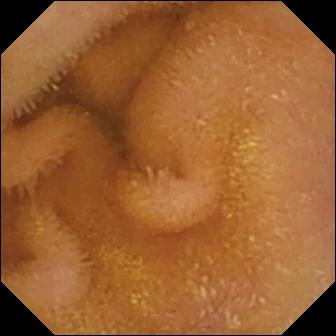Normal clean mucosa — wireless capsule endoscopy frame.